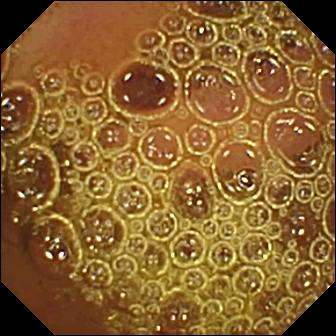Video capsule endoscopy — normal clean mucosa.